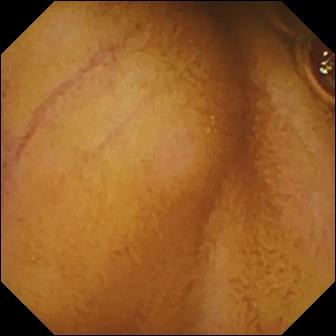Wireless capsule endoscopy image (small intestine). Normal clean mucosa.